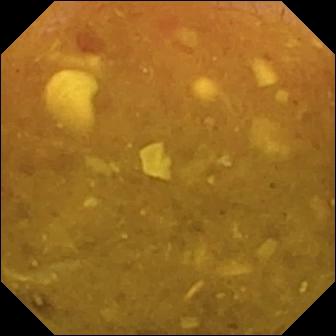- modality: WCE
- observation: reduced mucosal view (content or bubbles obscuring the mucosa)